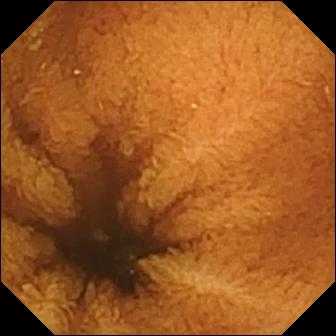Normal clean mucosa — wireless capsule endoscopy view.